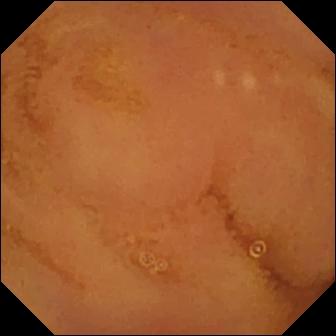PROCEDURE: Small-bowel capsule endoscopy.
SEGMENT: Small bowel.
FINDINGS: Normal clean mucosa.